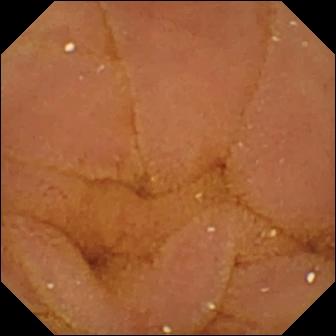WCE. Small intestine. Observation: normal clean mucosa.